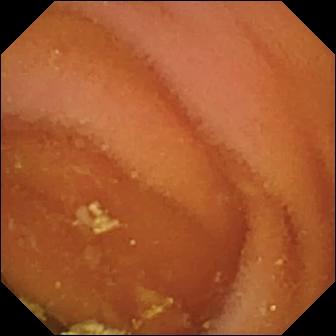modality: WCE | label: normal clean mucosa